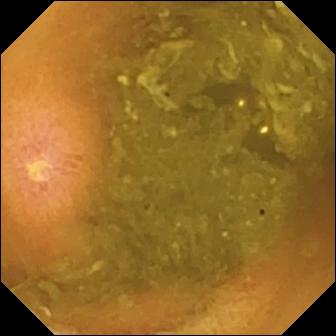Video capsule endoscopy. Observation: ulcer.